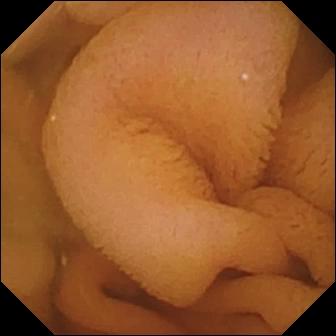Video capsule endoscopy still (small bowel). Normal clean mucosa.